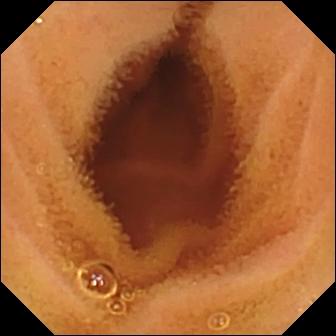Capsule endoscopy image showing normal clean mucosa.